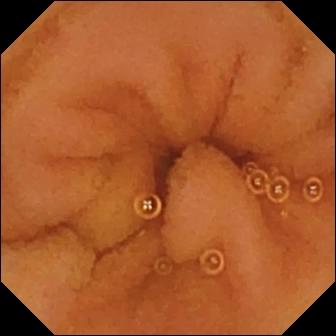Normal clean mucosa — WCE still.